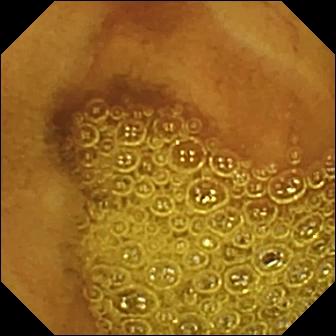VCE frame, small bowel
Impression: normal clean mucosa